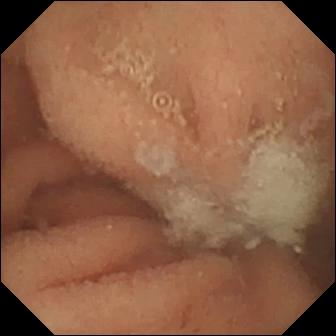Wireless capsule endoscopy frame, 336×336. Normal clean mucosa.